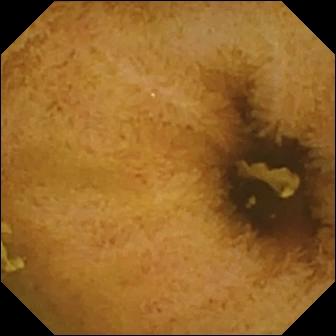Q: What does this video capsule endoscopy snapshot of the small bowel show?
A: Normal clean mucosa.